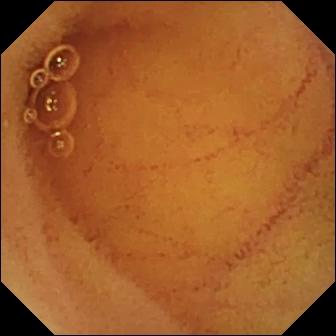modality: capsule endoscopy | impression: normal clean mucosa